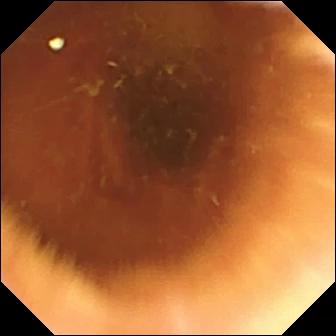modality: video capsule endoscopy
label: normal clean mucosa